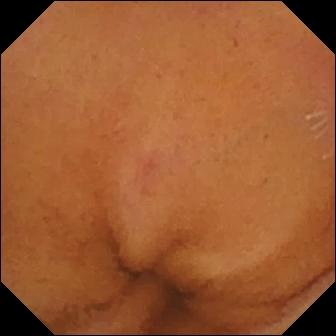Small-bowel capsule endoscopy snapshot
Impression: normal clean mucosa